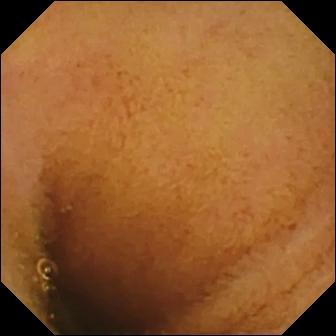PROCEDURE: Video capsule endoscopy.
FINDINGS: Normal clean mucosa.